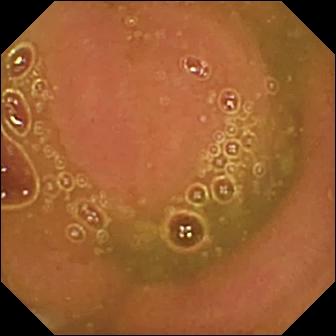Q: What does this small-bowel capsule endoscopy snapshot show?
A: Normal clean mucosa.